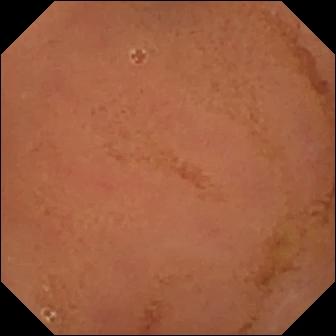This small-bowel capsule endoscopy view of the small bowel shows normal clean mucosa.